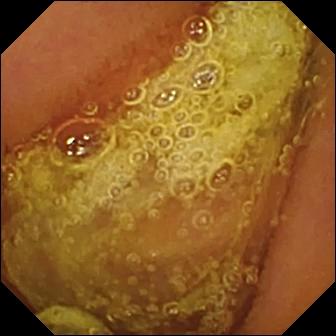Wireless capsule endoscopy image showing normal clean mucosa.